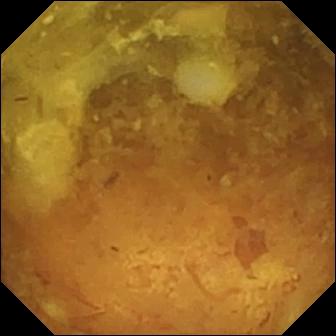{"modality": "small-bowel capsule endoscopy", "segment": "small intestine", "category": "luminal finding", "finding": "reduced mucosal view (content or bubbles obscuring the mucosa)"}